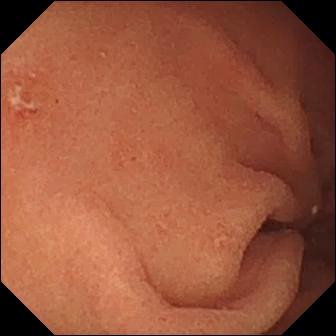Capsule endoscopy. Luminal finding. Observation: erosion.